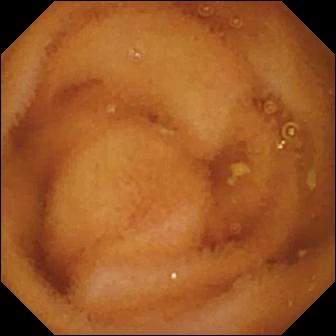Q: What does this WCE frame show?
A: Normal clean mucosa.